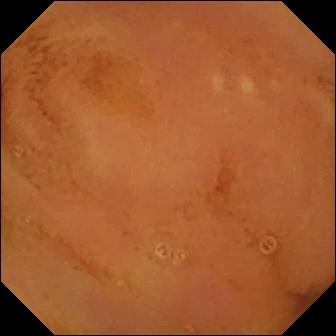Q: What does this WCE snapshot of the small intestine show?
A: Normal clean mucosa.